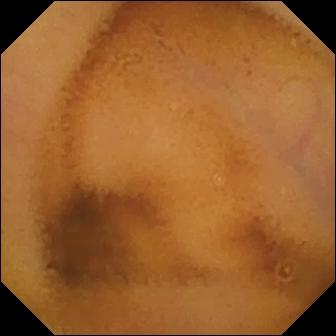Small-bowel capsule endoscopy image
Impression: normal clean mucosa